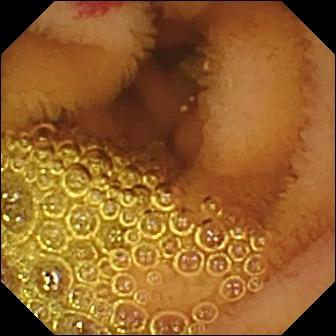Video capsule endoscopy. Luminal finding. Finding: angiectasia.